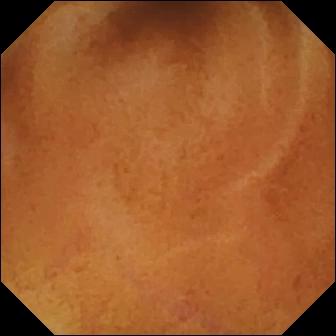Normal clean mucosa.